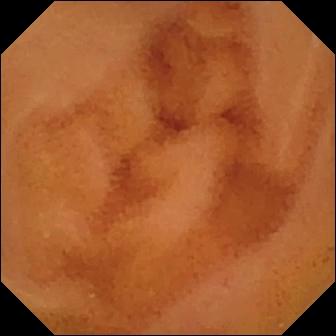modality: capsule endoscopy | category: luminal finding | impression: normal clean mucosa